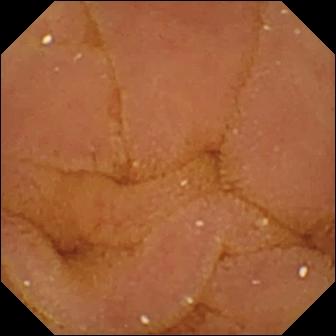PROCEDURE: WCE.
SEGMENT: Small intestine.
FINDINGS: Normal clean mucosa.